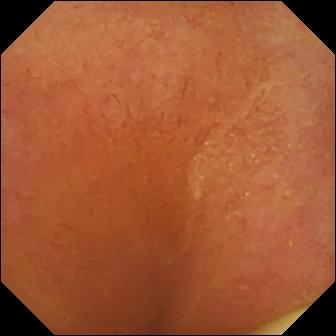- modality: capsule endoscopy
- impression: foreign body (e.g. retained capsule, tablet residue)